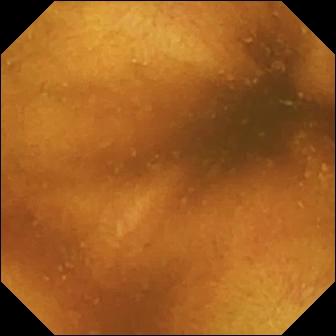Video capsule endoscopy. Finding: normal clean mucosa.